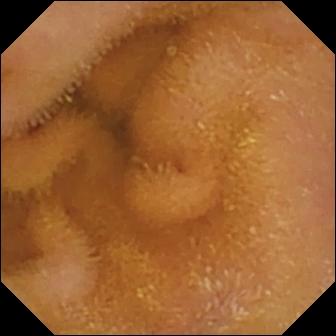Normal clean mucosa.